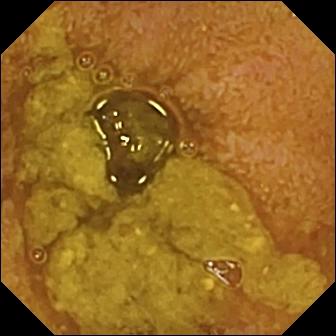- modality: small-bowel capsule endoscopy
- position: ileo-cecal valve region (where the capsule passes from the small bowel into the large bowel)